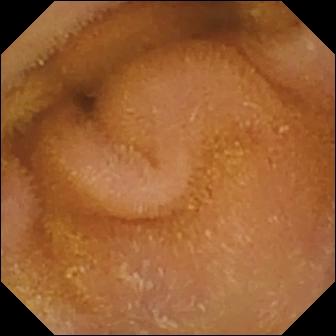This VCE view of the small bowel shows normal clean mucosa.